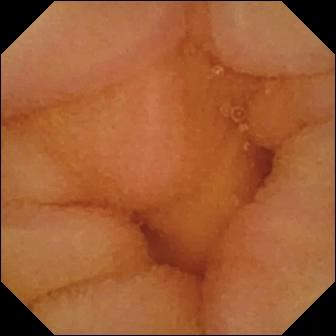Video capsule endoscopy still. Normal clean mucosa.